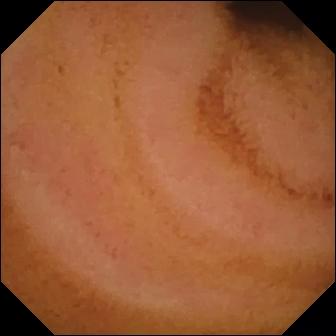Q: What does this WCE view show?
A: Normal clean mucosa.